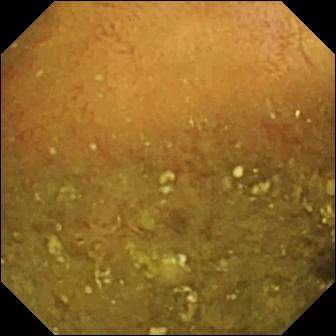Reduced mucosal view (content or bubbles obscuring the mucosa) — VCE still.